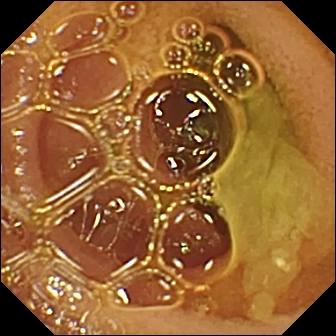Capsule endoscopy snapshot (small intestine). Normal clean mucosa.